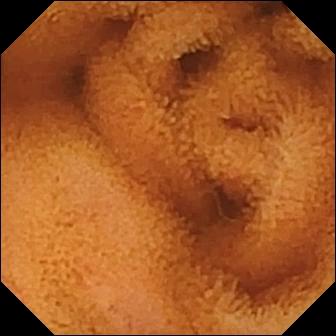Normal clean mucosa.